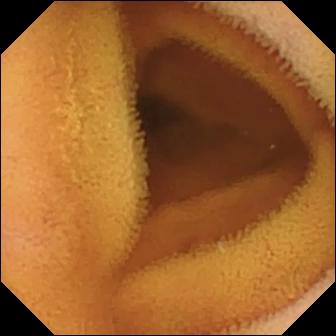Wireless capsule endoscopy frame (small bowel). Normal clean mucosa.